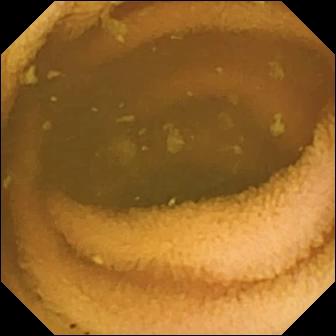- modality: small-bowel capsule endoscopy
- segment: small intestine
- finding: normal clean mucosa